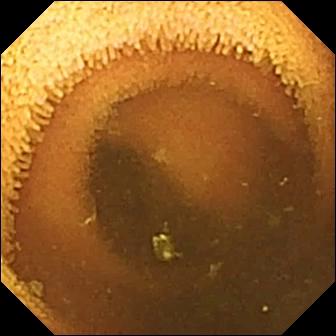modality: small-bowel capsule endoscopy | segment: small intestine | category: luminal finding | observation: normal clean mucosa